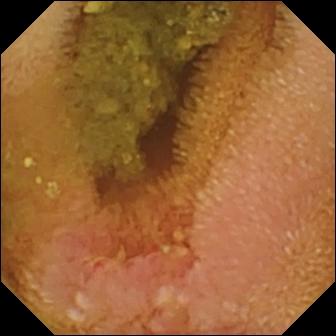WCE — erosion.